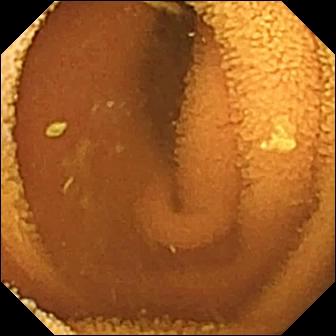PROCEDURE: Wireless capsule endoscopy.
SEGMENT: Small bowel.
FINDINGS: Normal clean mucosa.